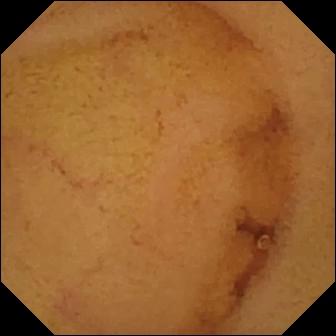This VCE view shows normal clean mucosa.